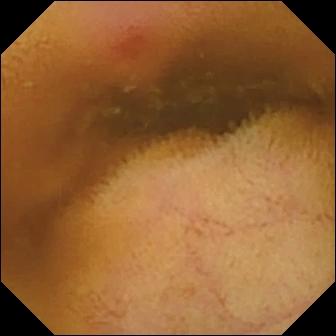This VCE image shows erythema (mucosal redness).